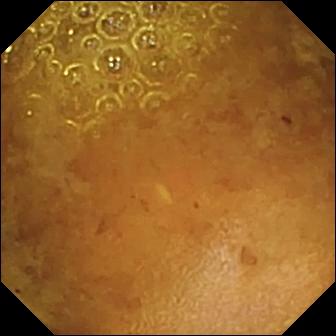Capsule endoscopy. Luminal finding. Observation: reduced mucosal view (content or bubbles obscuring the mucosa).